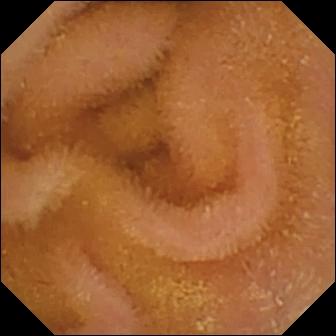This wireless capsule endoscopy snapshot shows normal clean mucosa.